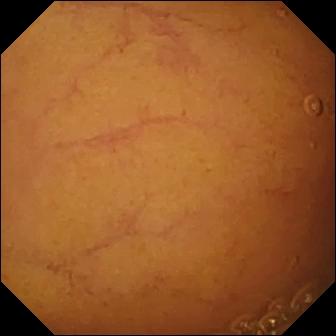Normal clean mucosa.